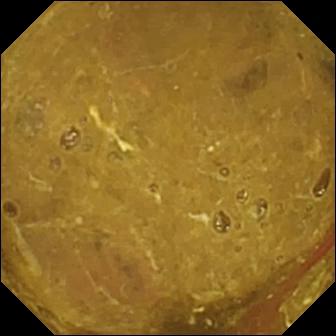Video capsule endoscopy — ileo-cecal valve region.